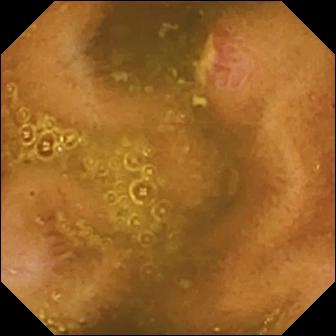Video capsule endoscopy. Luminal finding. Label: ulcer.